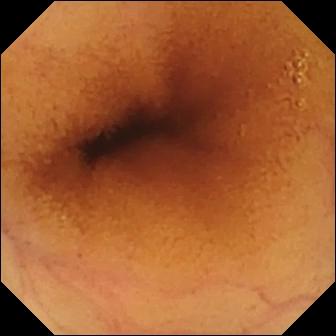Capsule endoscopy view of the small bowel showing normal clean mucosa.